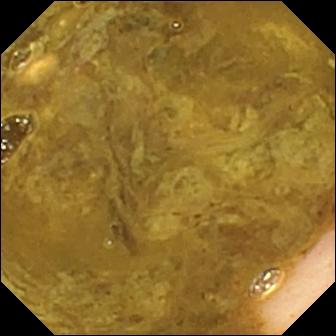Wireless capsule endoscopy — ileo-cecal valve region.